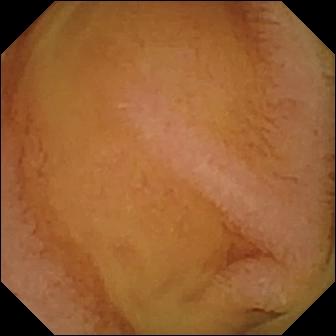- modality: WCE
- label: normal clean mucosa